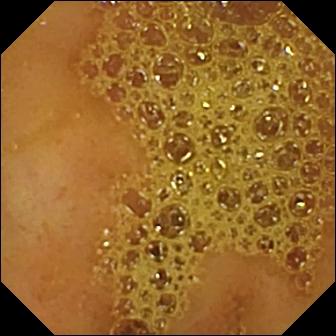{"modality": "small-bowel capsule endoscopy", "video_segment": "ileo-cecal valve region (where the capsule passes from the small bowel into the large bowel)"}